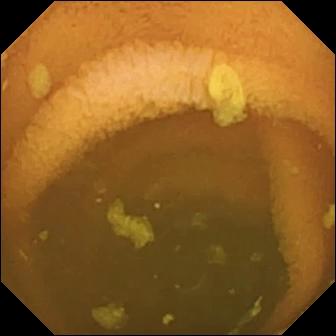Video capsule endoscopy. Small intestine. Finding: normal clean mucosa.